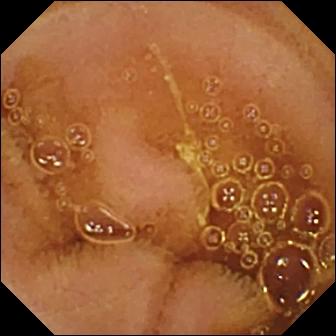VCE — normal clean mucosa.